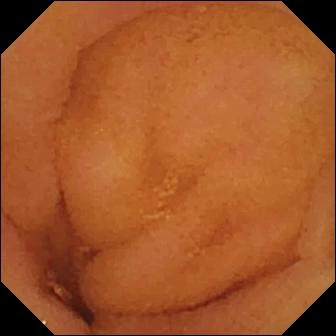Wireless capsule endoscopy still, small bowel
Finding: normal clean mucosa